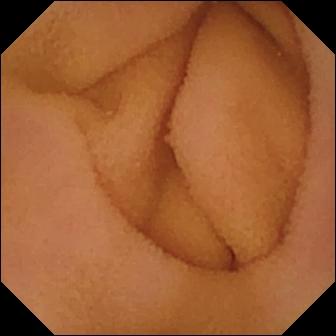Q: What does this VCE image of the small bowel show?
A: Normal clean mucosa.